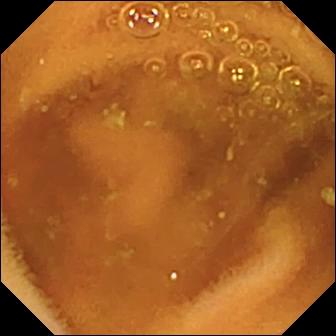modality: WCE
finding: normal clean mucosa